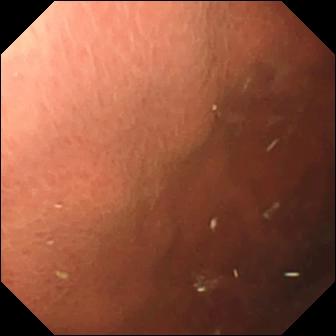PROCEDURE: WCE.
LOCATION: Pylorus region (the junction between the stomach and the small bowel).